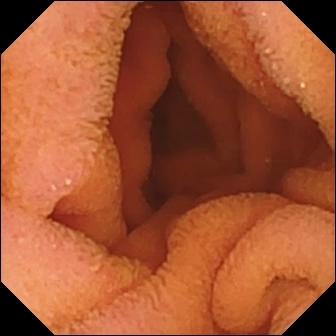Video capsule endoscopy frame showing normal clean mucosa.